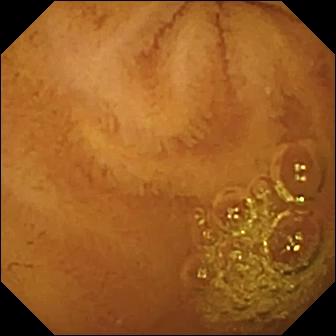VCE — normal clean mucosa.